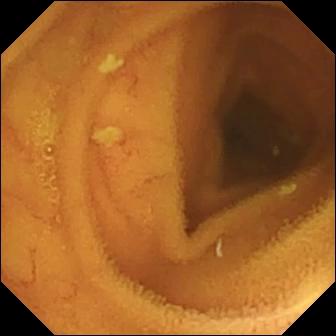Normal clean mucosa.